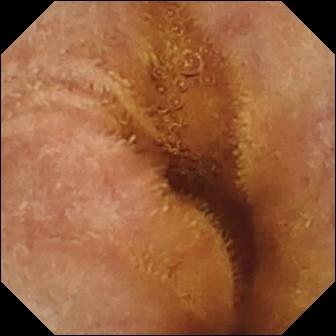VCE view
Finding: normal clean mucosa